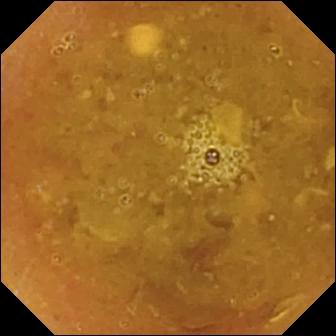VCE still (small intestine). Reduced mucosal view (content or bubbles obscuring the mucosa).